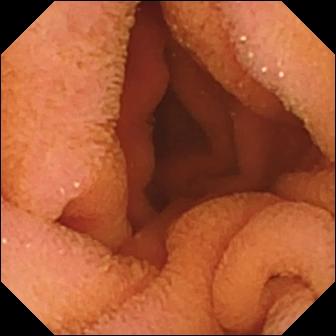Wireless capsule endoscopy. Finding: normal clean mucosa.